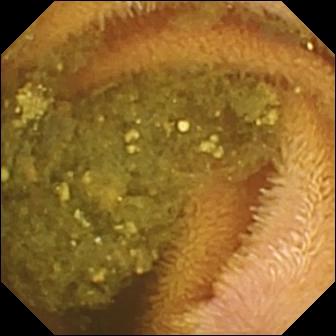Reduced mucosal view (content or bubbles obscuring the mucosa) — VCE still of the small bowel.